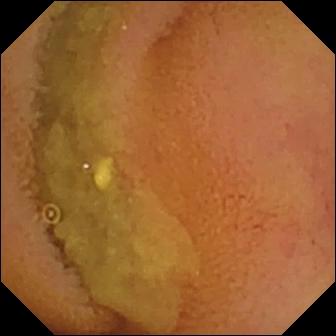- modality: WCE
- category: luminal finding
- impression: normal clean mucosa